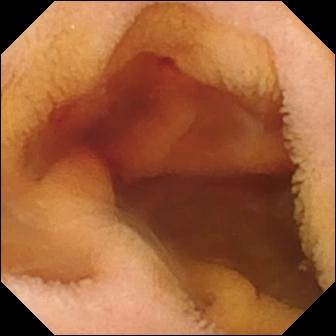Fresh blood in the lumen — VCE view.